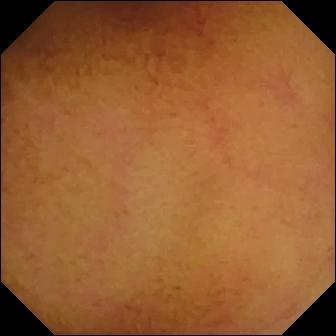Normal clean mucosa — small-bowel capsule endoscopy view.